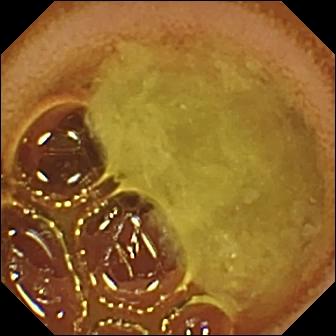Wireless capsule endoscopy. Label: normal clean mucosa.